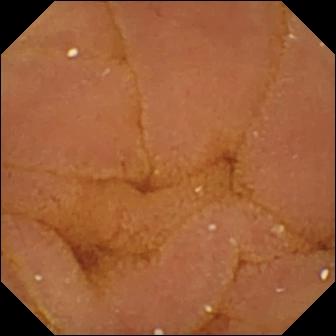Wireless capsule endoscopy — normal clean mucosa.